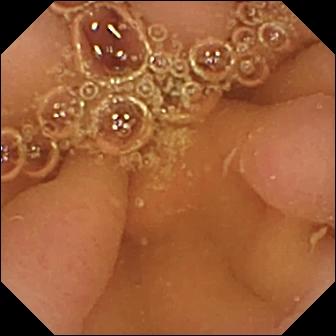Pylorus region (the junction between the stomach and the small bowel), 336×336.